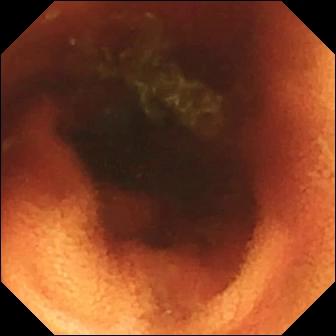Q: Where in the digestive tract was this WCE snapshot taken?
A: Ileo-cecal valve region (the transition from the small bowel to the large bowel).